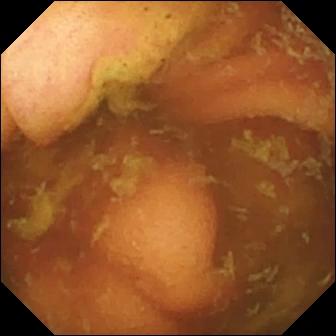- modality: capsule endoscopy
- category: anatomical landmark
- position: ileo-cecal valve region (where the capsule passes from the small bowel into the large bowel)